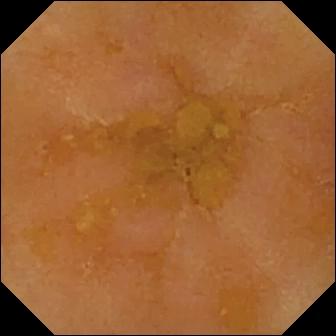- modality: small-bowel capsule endoscopy
- category: luminal finding
- finding: reduced mucosal view (content or bubbles obscuring the mucosa)